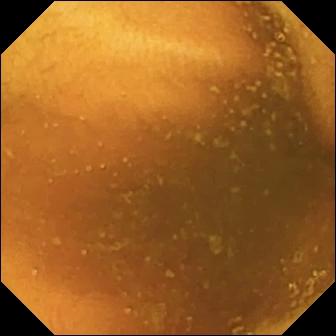PROCEDURE: Video capsule endoscopy.
SEGMENT: Small bowel.
FINDINGS: Normal clean mucosa.